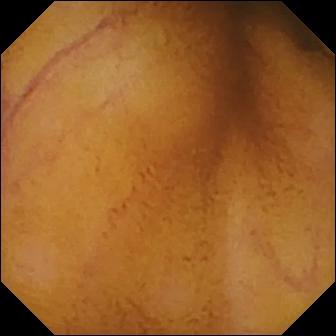{"modality": "wireless capsule endoscopy", "segment": "small bowel", "finding": "normal clean mucosa"}